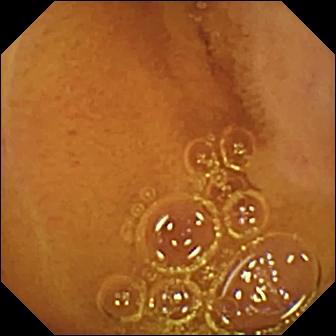VCE image
Impression: normal clean mucosa